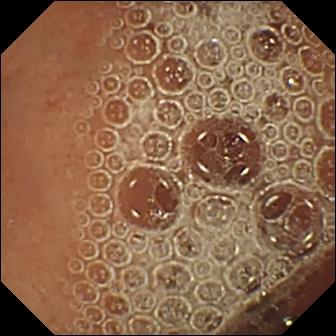VCE — normal clean mucosa.